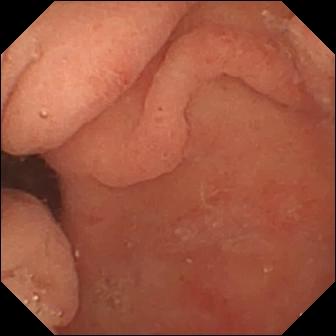Q: Where in the digestive tract was this small-bowel capsule endoscopy frame taken?
A: Pylorus region.